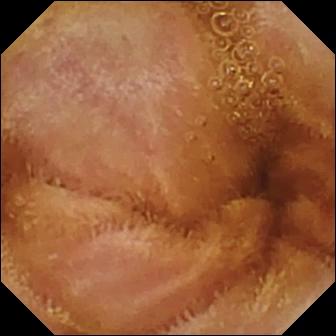Normal clean mucosa.